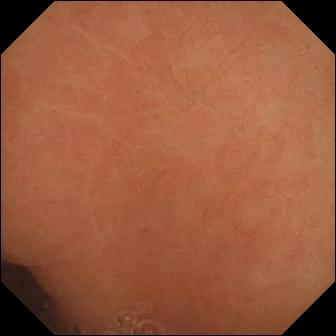- modality: small-bowel capsule endoscopy
- finding: normal clean mucosa